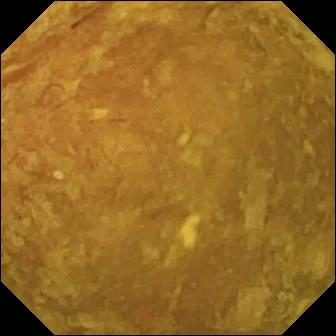- modality: video capsule endoscopy
- finding: reduced mucosal view (content or bubbles obscuring the mucosa)